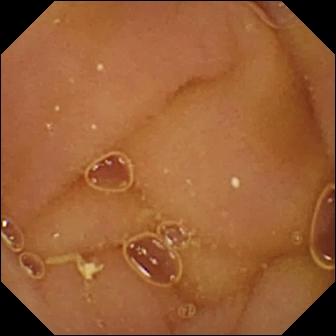Wireless capsule endoscopy still (small intestine). Normal clean mucosa.